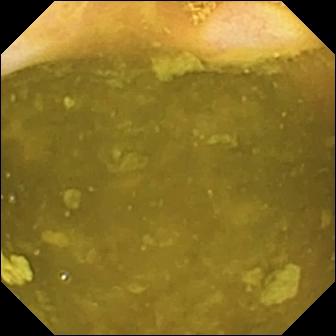modality: video capsule endoscopy; label: ileo-cecal valve region